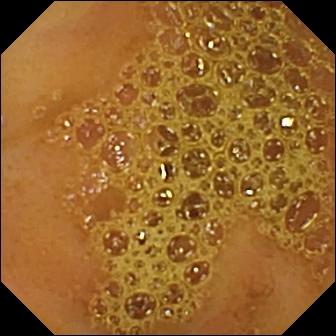Ileo-cecal valve region (where the capsule passes from the small bowel into the large bowel) — WCE frame.